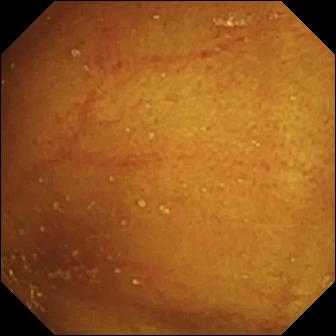Video capsule endoscopy snapshot. Taken in the ileo-cecal valve region (the transition from the small bowel to the large bowel).